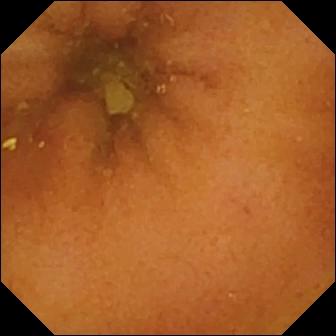Normal clean mucosa (336×336).